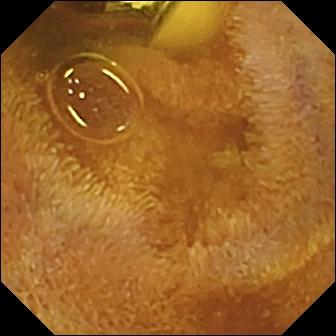- modality: WCE
- category: luminal finding
- label: foreign body (e.g. retained capsule, tablet residue)